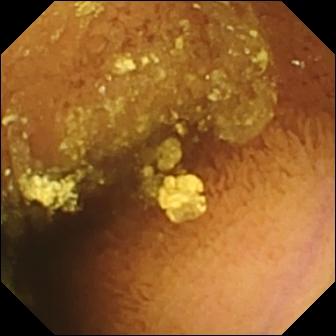This wireless capsule endoscopy frame shows normal clean mucosa.